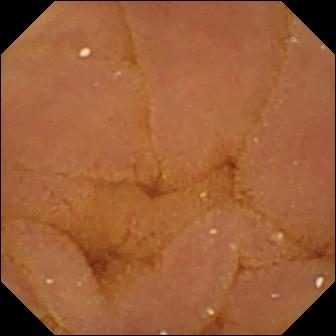Small-bowel capsule endoscopy view, small bowel
Impression: normal clean mucosa